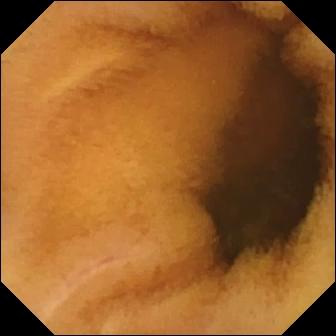Small-bowel capsule endoscopy frame, small bowel
Impression: normal clean mucosa